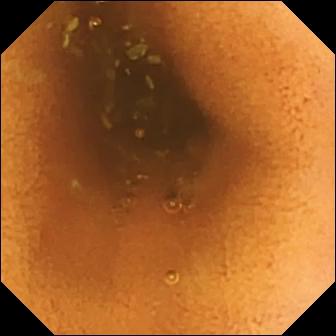Normal clean mucosa — capsule endoscopy view of the small bowel.